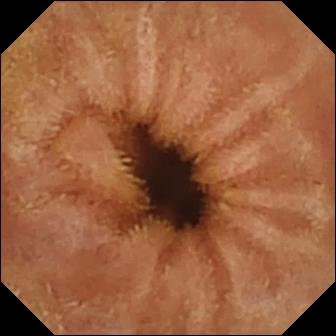PROCEDURE: WCE.
SEGMENT: Small intestine.
FINDINGS: Normal clean mucosa.